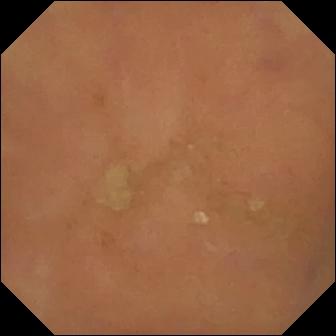PROCEDURE: Capsule endoscopy.
SEGMENT: Small intestine.
FINDINGS: Normal clean mucosa.